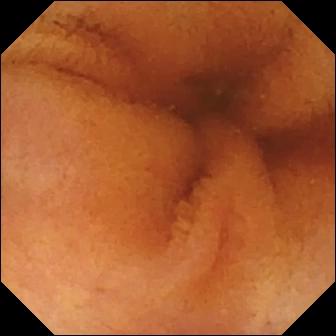PROCEDURE: Video capsule endoscopy.
FINDINGS: Normal clean mucosa.